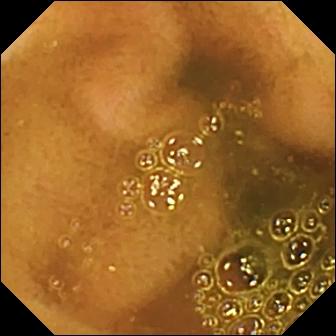Ileo-cecal valve region — video capsule endoscopy snapshot.